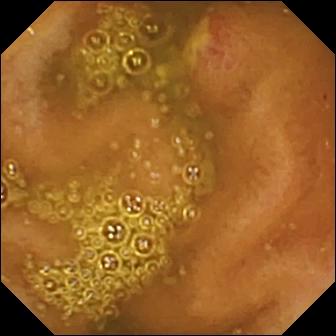modality: small-bowel capsule endoscopy
category: luminal finding
observation: ulcer